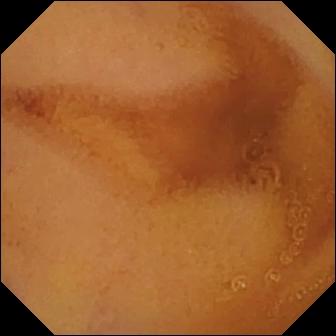This VCE image of the small intestine shows normal clean mucosa.